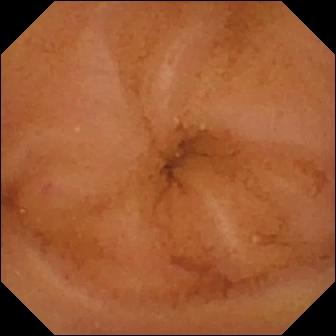Small-bowel capsule endoscopy. Small intestine. Impression: normal clean mucosa.